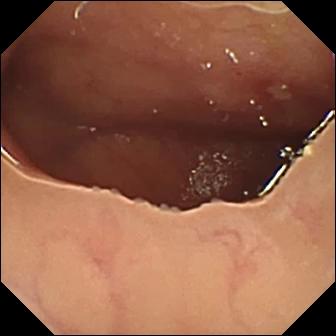VCE frame showing ulcer.